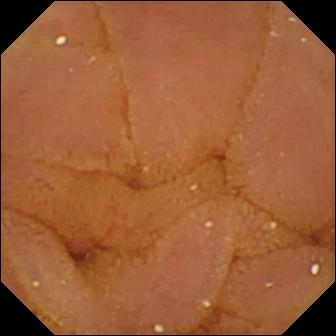Video capsule endoscopy image
Finding: normal clean mucosa